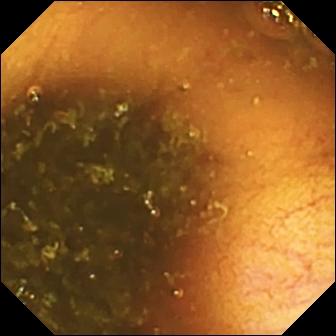Ileo-cecal valve region (where the capsule passes from the small bowel into the large bowel).